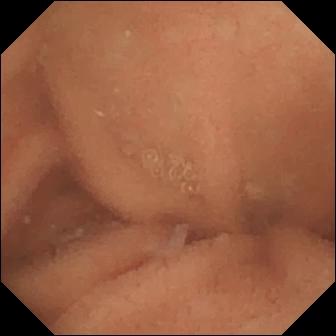PROCEDURE: Video capsule endoscopy.
SEGMENT: Small intestine.
FINDINGS: Normal clean mucosa.